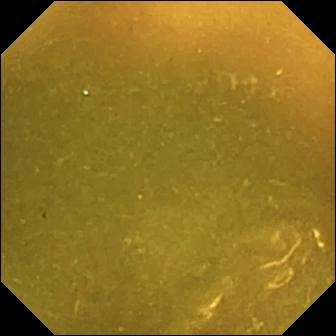Wireless capsule endoscopy. Near an anatomical landmark. Location: ileo-cecal valve region (where the capsule passes from the small bowel into the large bowel).